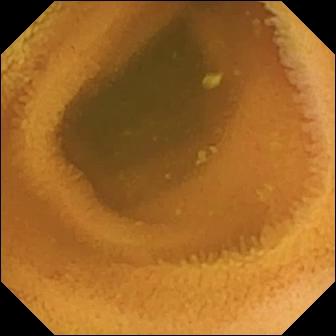{"modality": "small-bowel capsule endoscopy", "finding": "normal clean mucosa"}